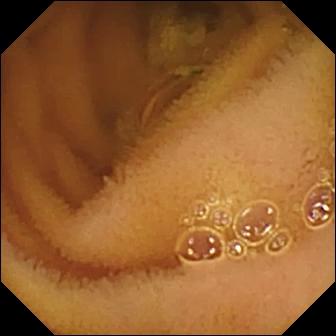Normal clean mucosa — wireless capsule endoscopy still.